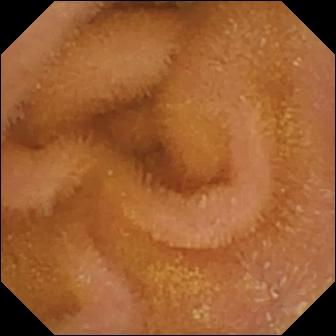Q: What does this WCE frame show?
A: Normal clean mucosa.